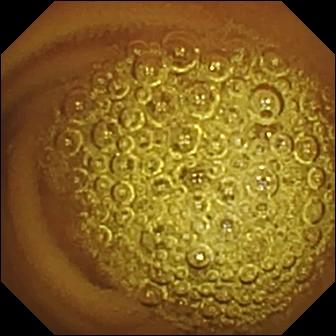PROCEDURE: Capsule endoscopy.
SEGMENT: Small intestine.
FINDINGS: Normal clean mucosa.